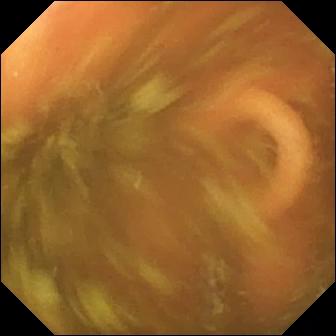Capsule endoscopy. Near an anatomical landmark. Label: ileo-cecal valve region (the transition from the small bowel to the large bowel).